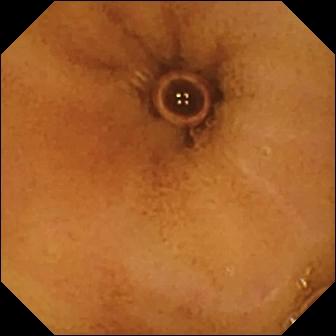Normal clean mucosa — VCE view.